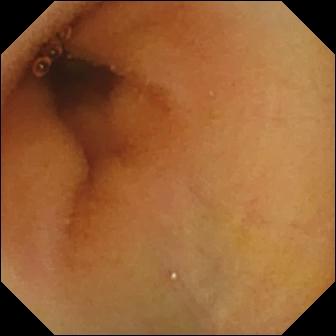Capsule endoscopy snapshot showing normal clean mucosa.